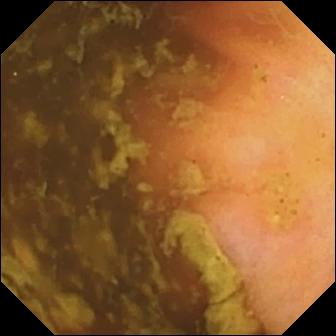{"modality": "VCE", "label": "ileo-cecal valve region"}